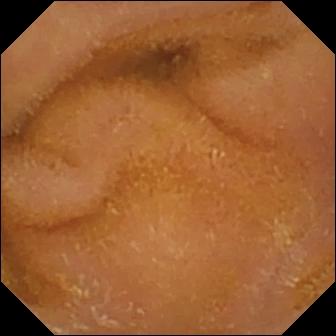- modality: small-bowel capsule endoscopy
- segment: small bowel
- observation: normal clean mucosa